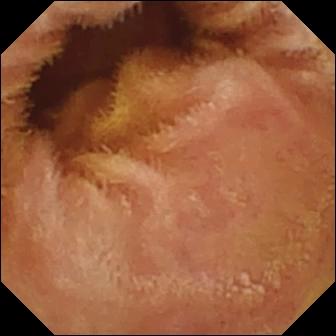Video capsule endoscopy frame of the small bowel showing normal clean mucosa.